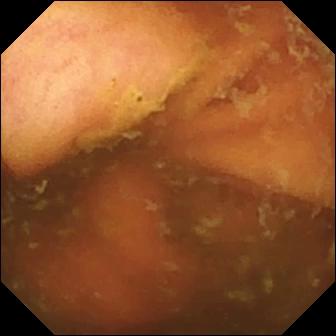This video capsule endoscopy frame was taken in the ileo-cecal valve region (the transition from the small bowel to the large bowel).